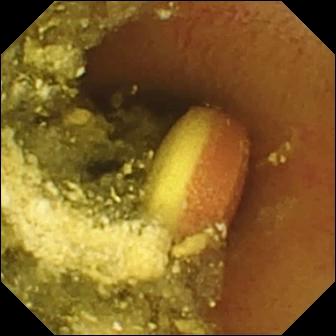Foreign body (e.g. retained capsule, tablet residue) (336×336).